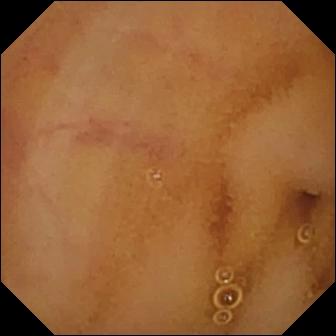This wireless capsule endoscopy image of the small intestine shows normal clean mucosa.